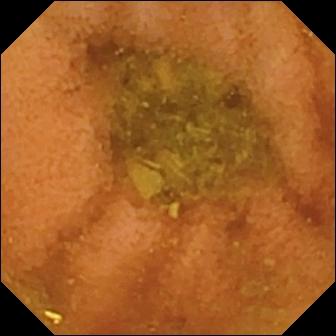Normal clean mucosa.